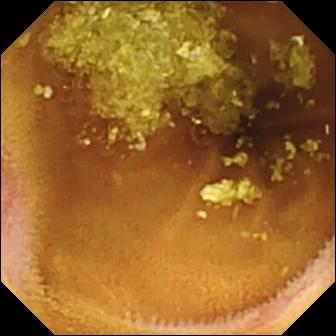This VCE still shows erosion.